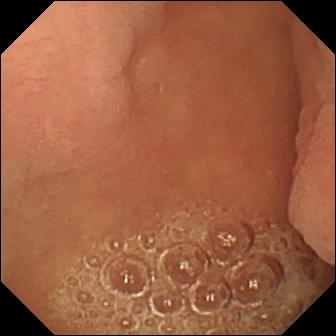Pylorus region (where the capsule passes from the stomach into the small bowel) — video capsule endoscopy image.